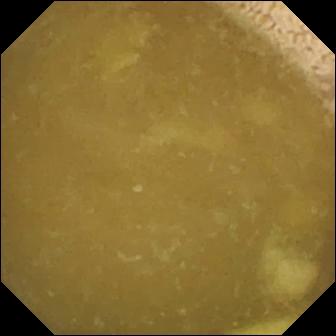Video capsule endoscopy frame
Position: ileo-cecal valve region (the transition from the small bowel to the large bowel)